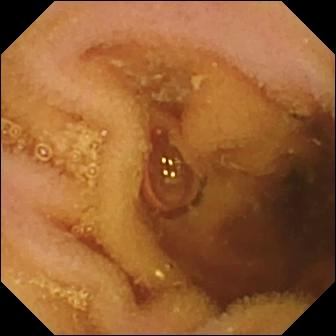Small-bowel capsule endoscopy image. Taken in the pylorus region (where the capsule passes from the stomach into the small bowel).